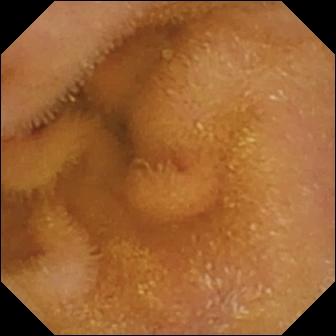Video capsule endoscopy frame of the small intestine showing normal clean mucosa.